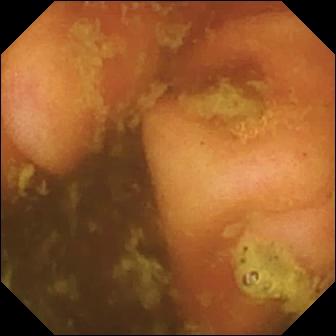PROCEDURE: VCE.
VIDEO SEGMENT: Ileo-cecal valve region (the transition from the small bowel to the large bowel).